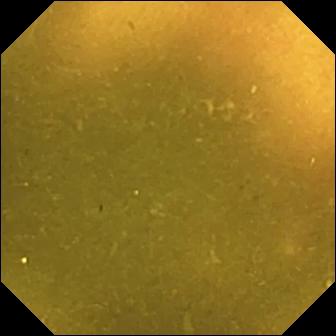{"modality": "capsule endoscopy", "position": "ileo-cecal valve region (the transition from the small bowel to the large bowel)"}